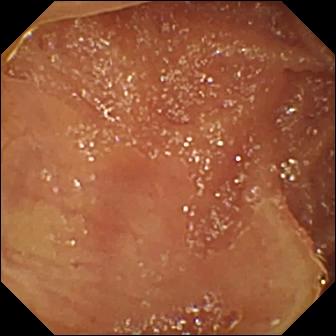Q: What does this WCE view of the small bowel show?
A: Normal clean mucosa.